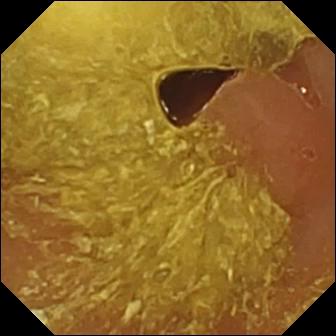PROCEDURE: Video capsule endoscopy.
SEGMENT: Small intestine.
FINDINGS: Reduced mucosal view (content or bubbles obscuring the mucosa).